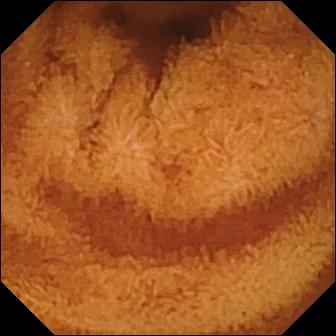VCE image (small bowel). Normal clean mucosa.